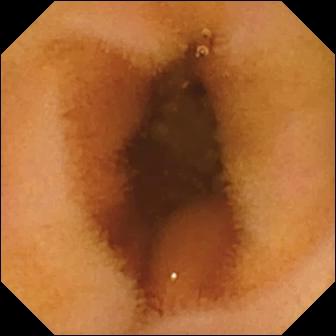Video capsule endoscopy snapshot. Normal clean mucosa.